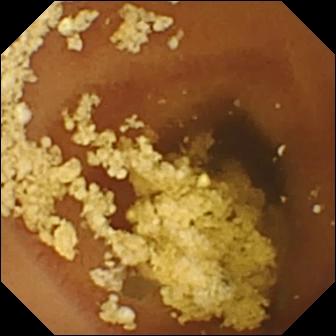Q: What does this capsule endoscopy still of the small intestine show?
A: Normal clean mucosa.